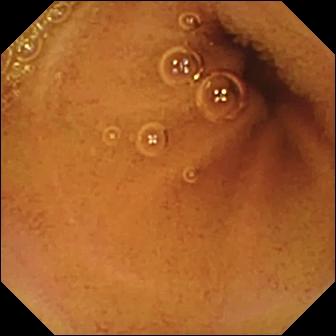{"modality": "video capsule endoscopy", "category": "luminal finding", "finding": "normal clean mucosa"}